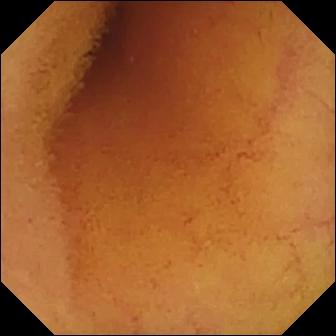Small-bowel capsule endoscopy still of the small intestine showing normal clean mucosa.